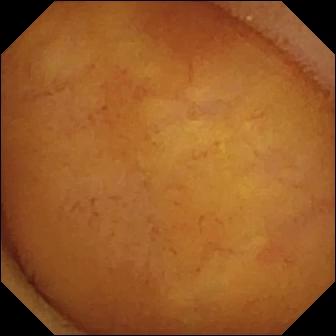{"modality": "VCE", "category": "luminal finding", "finding": "normal clean mucosa"}